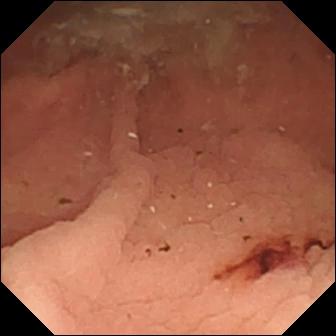PROCEDURE: WCE.
FINDINGS: Fresh blood in the lumen.